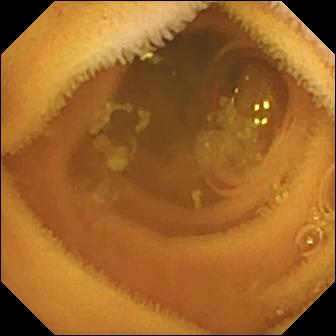Normal clean mucosa.